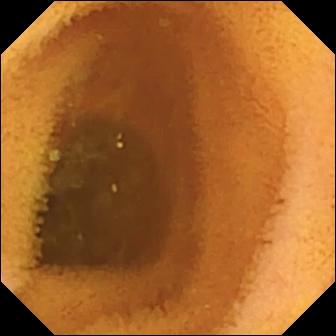Normal clean mucosa — small-bowel capsule endoscopy snapshot of the small bowel.